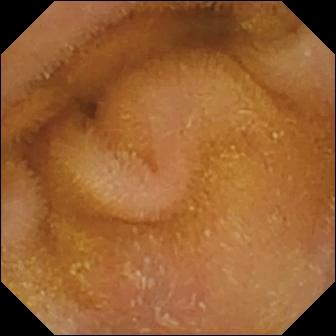Wireless capsule endoscopy image, 336×336. Normal clean mucosa.